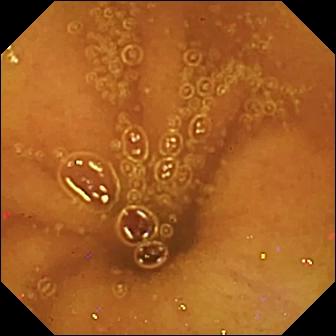VCE. Finding: normal clean mucosa.